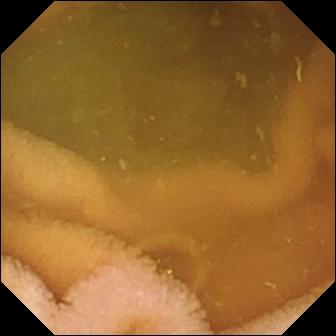Q: What does this WCE view show?
A: Normal clean mucosa.